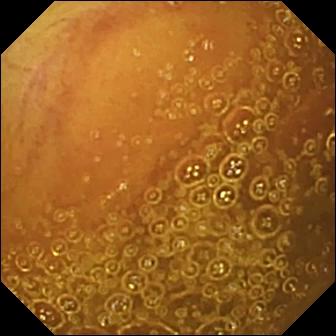VCE image, 336×336. Normal clean mucosa.